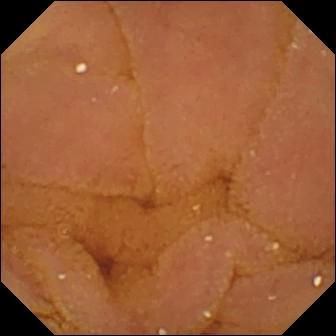Q: What does this wireless capsule endoscopy frame show?
A: Normal clean mucosa.